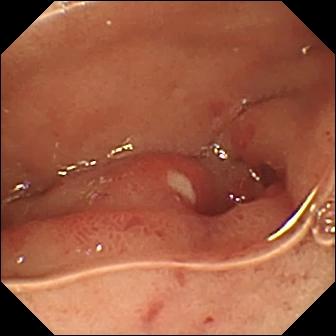Wireless capsule endoscopy frame. Ulcer.